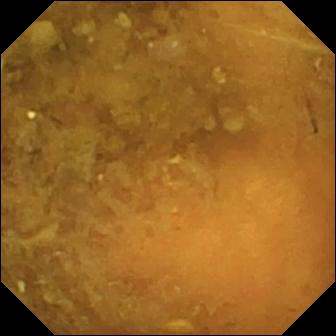Reduced mucosal view (content or bubbles obscuring the mucosa) — capsule endoscopy still.